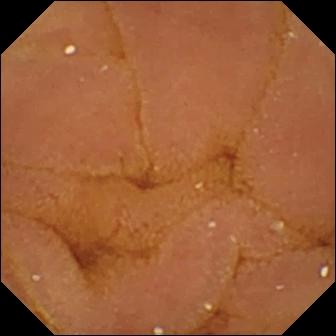Normal clean mucosa — capsule endoscopy snapshot of the small intestine.